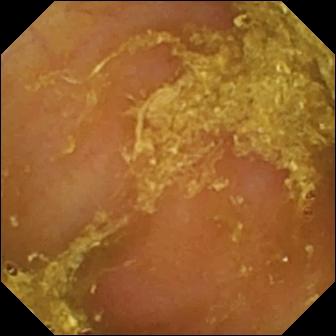Small-bowel capsule endoscopy image of the small intestine showing reduced mucosal view (content or bubbles obscuring the mucosa).